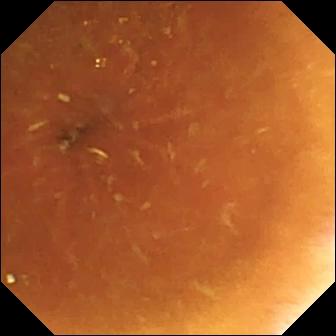Normal clean mucosa — WCE image.